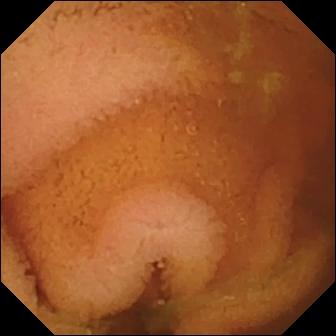modality: VCE
segment: small intestine
category: luminal finding
observation: normal clean mucosa